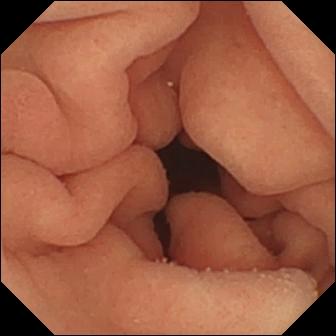Pylorus region, 336×336.